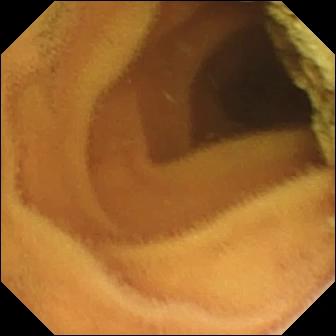Q: What does this WCE still of the small bowel show?
A: Normal clean mucosa.